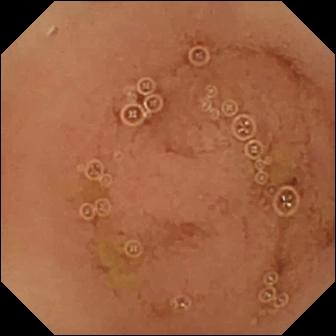Q: What does this video capsule endoscopy view show?
A: Normal clean mucosa.